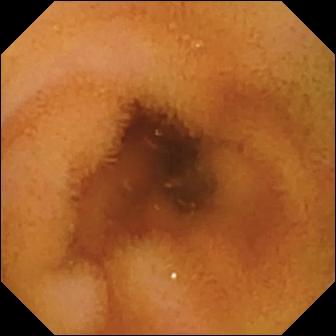PROCEDURE: Wireless capsule endoscopy.
FINDINGS: Normal clean mucosa.